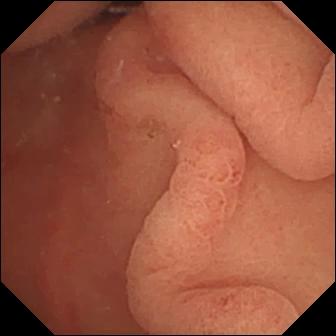- modality: wireless capsule endoscopy
- category: anatomical landmark
- video segment: pylorus region (where the capsule passes from the stomach into the small bowel)